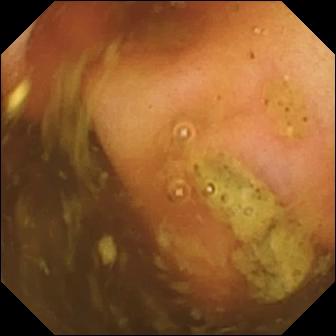- modality: video capsule endoscopy
- position: ileo-cecal valve region (where the capsule passes from the small bowel into the large bowel)